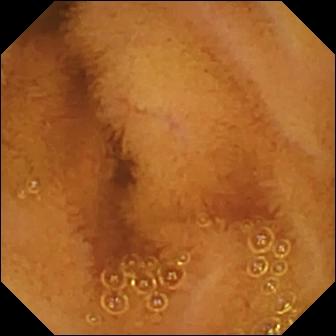- modality: small-bowel capsule endoscopy
- segment: small intestine
- observation: normal clean mucosa